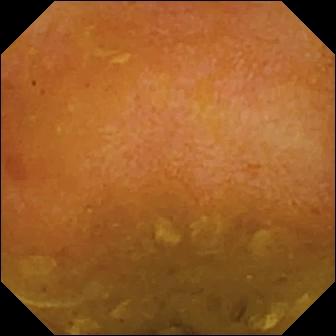{"modality": "VCE", "category": "luminal finding", "finding": "reduced mucosal view (content or bubbles obscuring the mucosa)"}